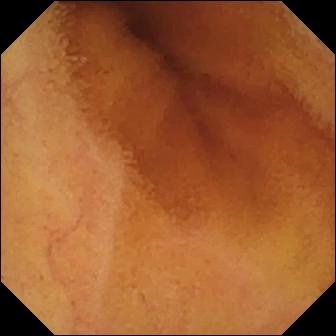Capsule endoscopy snapshot (small intestine). Normal clean mucosa.